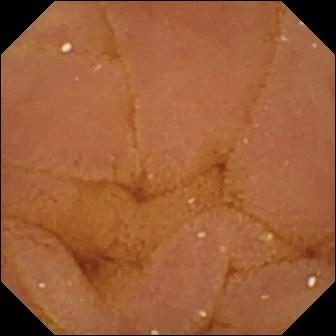Q: What does this capsule endoscopy snapshot of the small intestine show?
A: Normal clean mucosa.